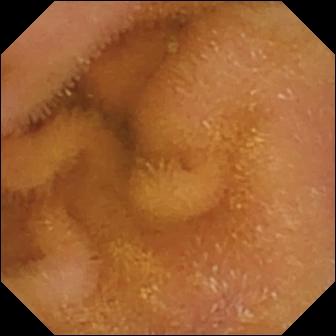Video capsule endoscopy image. Normal clean mucosa.